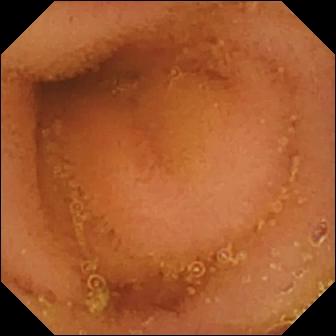PROCEDURE: WCE.
SEGMENT: Small intestine.
FINDINGS: Normal clean mucosa.